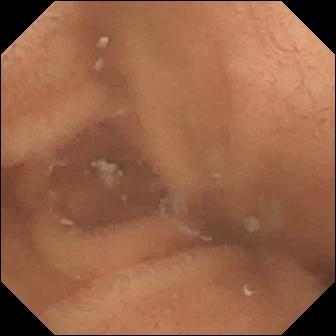modality: WCE; impression: normal clean mucosa